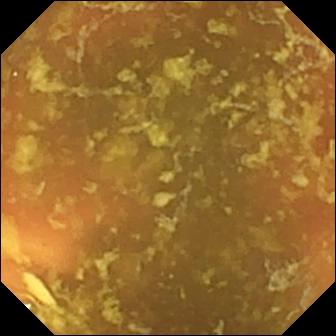Wireless capsule endoscopy image taken in the ileo-cecal valve region (where the capsule passes from the small bowel into the large bowel).